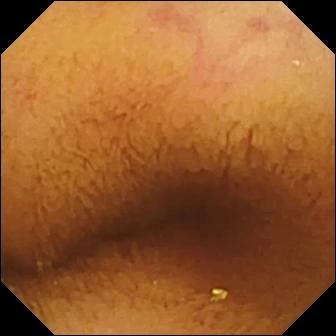Wireless capsule endoscopy frame (small bowel). Normal clean mucosa.